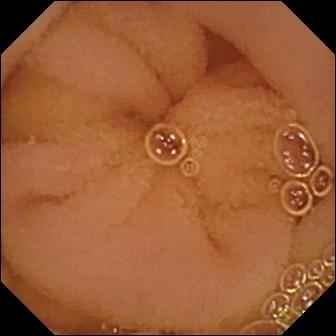Normal clean mucosa (336×336).